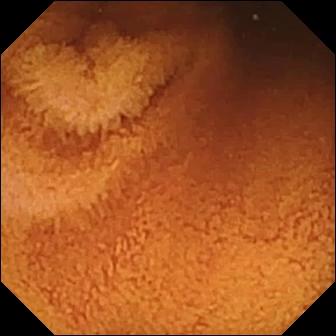This wireless capsule endoscopy snapshot of the small bowel shows normal clean mucosa.